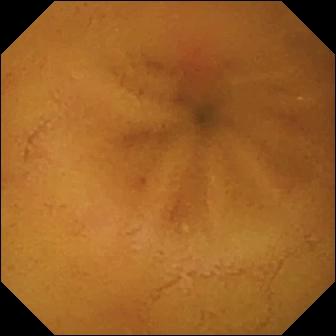PROCEDURE: Capsule endoscopy.
FINDINGS: Erythema (mucosal redness).